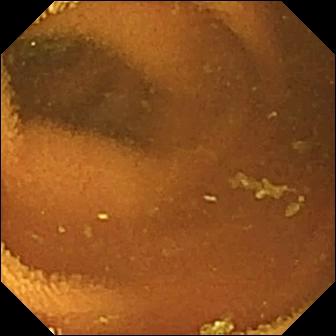Wireless capsule endoscopy — normal clean mucosa.